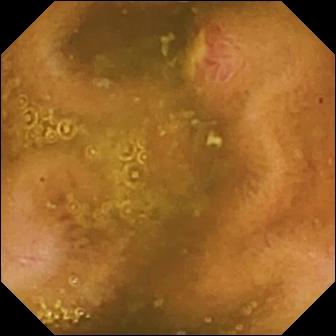Q: What does this video capsule endoscopy view show?
A: Ulcer.